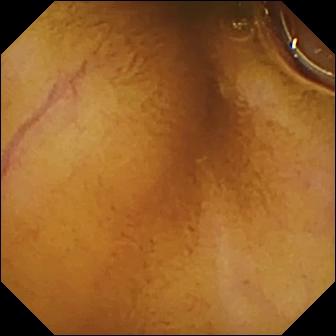Video capsule endoscopy image showing normal clean mucosa.